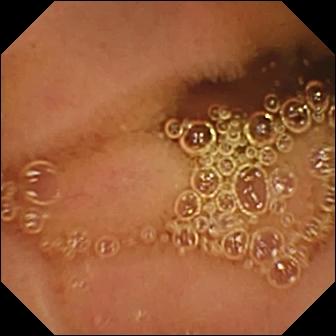{"modality": "video capsule endoscopy", "finding": "normal clean mucosa"}